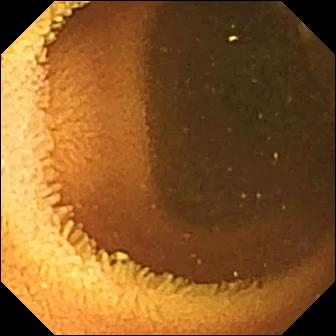WCE view, 336×336. Normal clean mucosa.